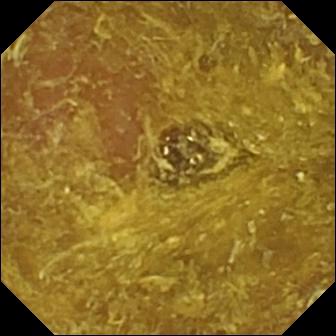Video capsule endoscopy — reduced mucosal view (content or bubbles obscuring the mucosa).